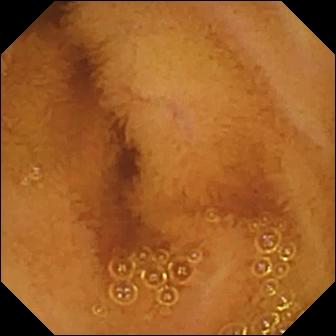modality: WCE | impression: normal clean mucosa